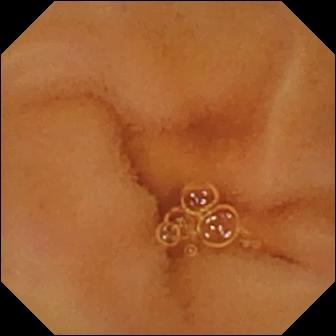Wireless capsule endoscopy — normal clean mucosa.